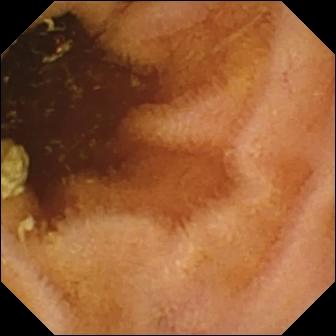modality: video capsule endoscopy | segment: small intestine | label: normal clean mucosa